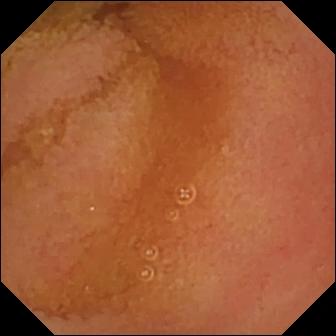Normal clean mucosa.